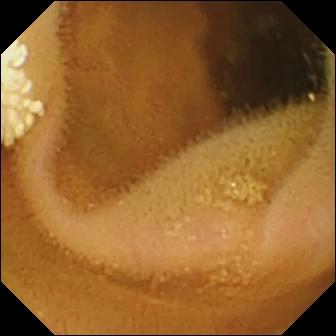{"modality": "small-bowel capsule endoscopy", "category": "luminal finding", "finding": "lymphangiectasia"}